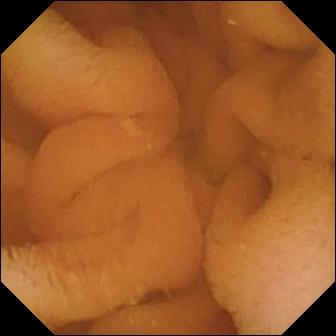WCE — normal clean mucosa.